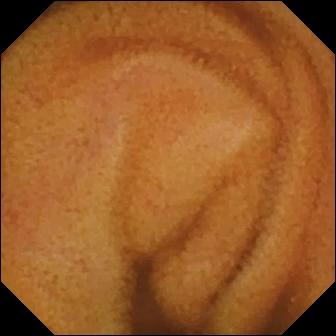VCE image
Finding: normal clean mucosa